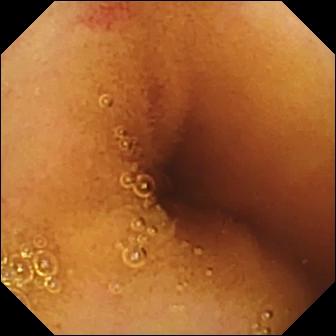Angiectasia — wireless capsule endoscopy still.